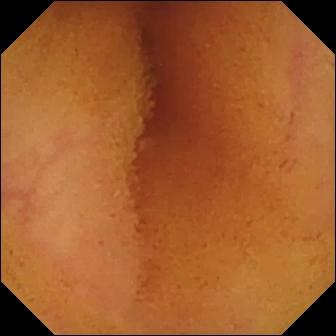WCE. Label: normal clean mucosa.